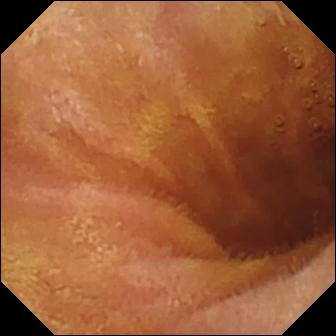PROCEDURE: Wireless capsule endoscopy.
SEGMENT: Small intestine.
FINDINGS: Normal clean mucosa.